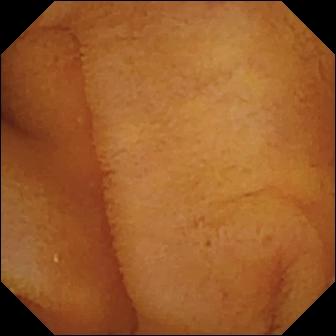- modality: VCE
- segment: small bowel
- finding: normal clean mucosa